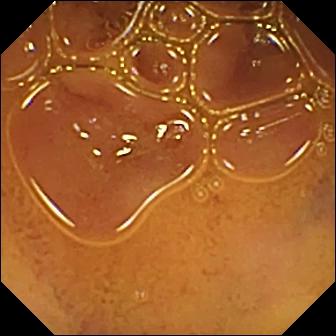Q: What does this VCE snapshot show?
A: Normal clean mucosa.